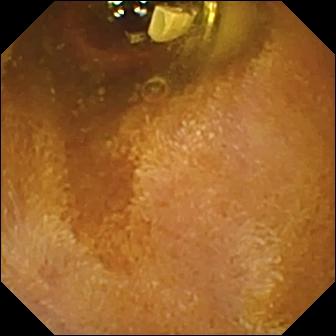modality: capsule endoscopy | finding: foreign body (e.g. retained capsule, tablet residue)